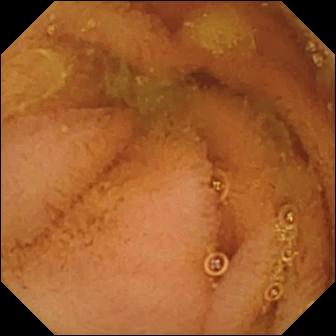Wireless capsule endoscopy. Luminal finding. Label: normal clean mucosa.